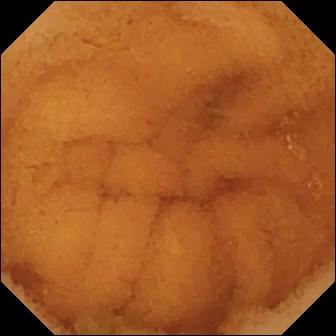{"modality": "WCE", "segment": "small intestine", "finding": "normal clean mucosa"}